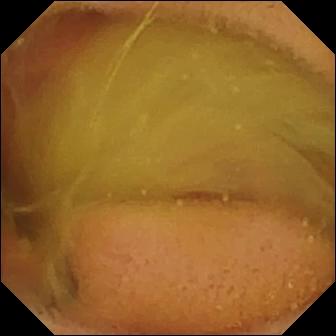{"modality": "capsule endoscopy", "segment": "small bowel", "finding": "normal clean mucosa"}